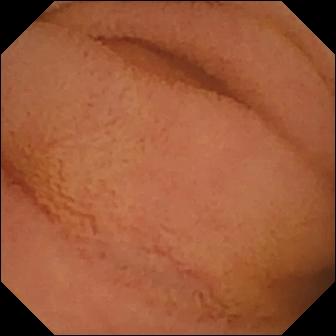This video capsule endoscopy view shows normal clean mucosa.